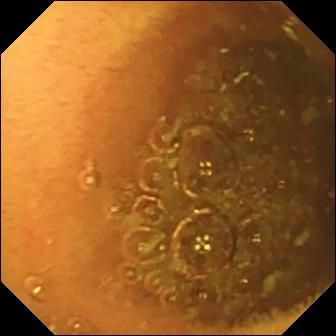modality: video capsule endoscopy | segment: small intestine | finding: normal clean mucosa